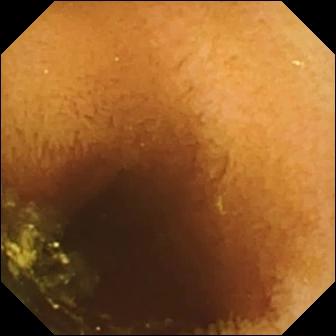Q: What does this small-bowel capsule endoscopy view of the small intestine show?
A: Normal clean mucosa.